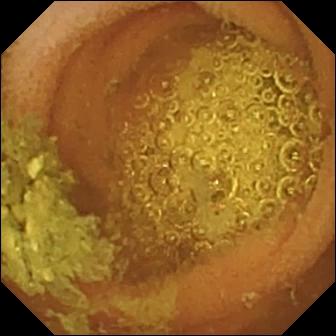Q: What does this VCE image show?
A: Normal clean mucosa.